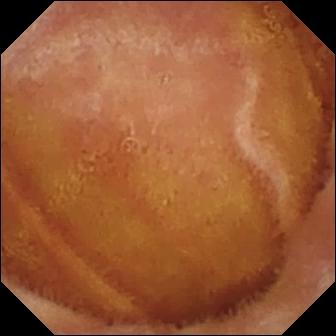This capsule endoscopy view of the small bowel shows normal clean mucosa.